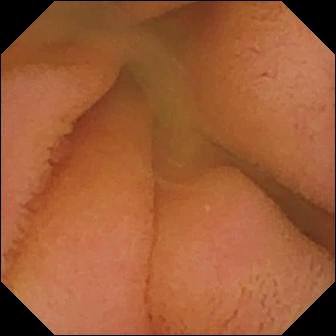VCE. Luminal finding. Observation: normal clean mucosa.